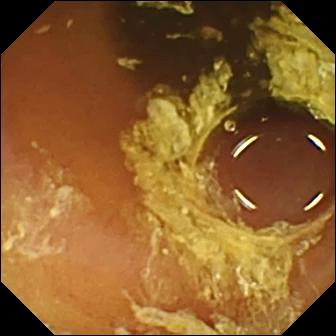Wireless capsule endoscopy — normal clean mucosa.